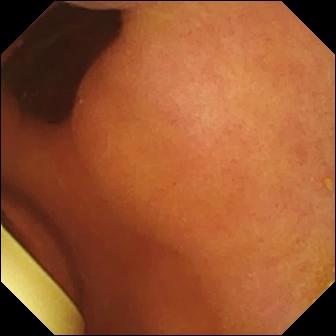Video capsule endoscopy. Luminal finding. Label: foreign body (e.g. retained capsule, tablet residue).